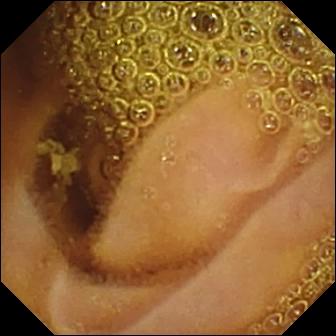VCE frame, small bowel
Label: normal clean mucosa